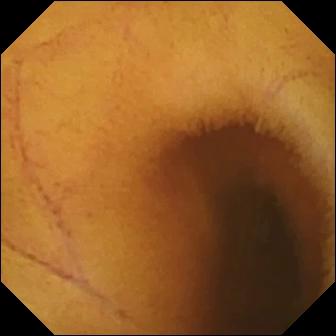Video capsule endoscopy — normal clean mucosa.